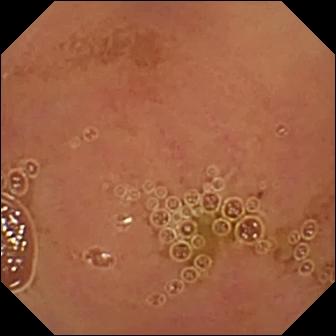Normal clean mucosa.